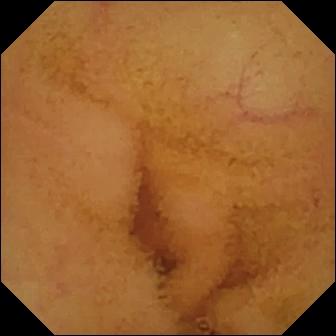This WCE frame of the small bowel shows normal clean mucosa.